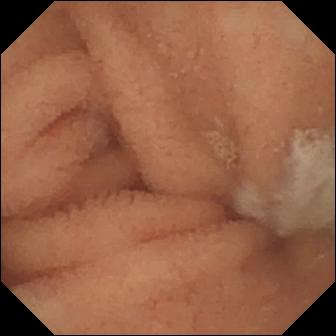Wireless capsule endoscopy still (small intestine), 336×336. Normal clean mucosa.